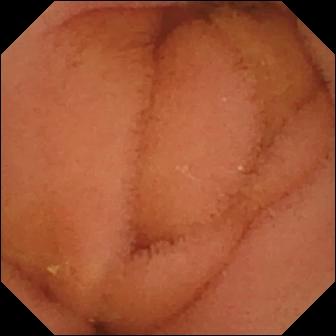Normal clean mucosa — wireless capsule endoscopy snapshot.